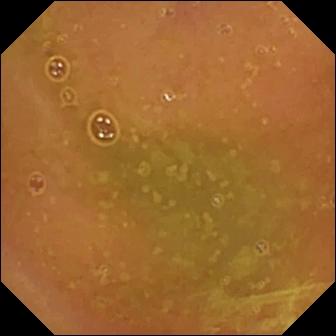Small-bowel capsule endoscopy view (small intestine). Normal clean mucosa.